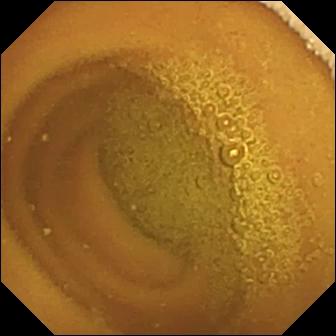Wireless capsule endoscopy. Small intestine. Impression: normal clean mucosa.